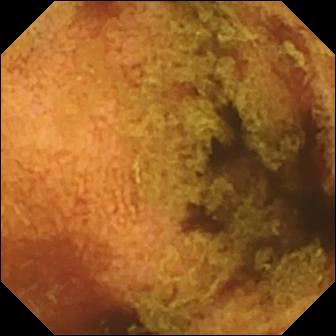{"modality": "capsule endoscopy", "finding": "normal clean mucosa"}